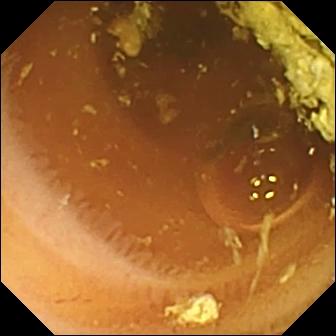Capsule endoscopy frame
Label: normal clean mucosa